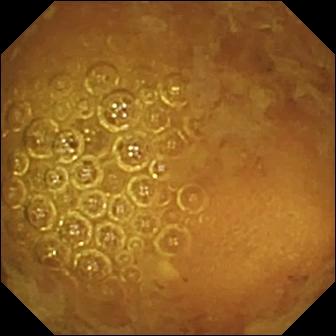PROCEDURE: VCE.
SEGMENT: Small bowel.
FINDINGS: Reduced mucosal view (content or bubbles obscuring the mucosa).